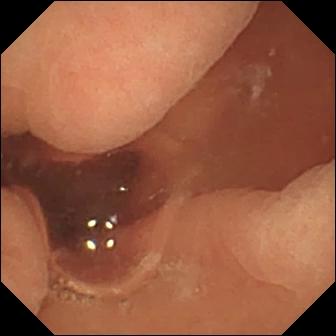Video capsule endoscopy — normal clean mucosa.